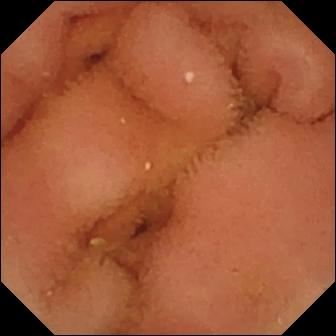Capsule endoscopy image. Normal clean mucosa.